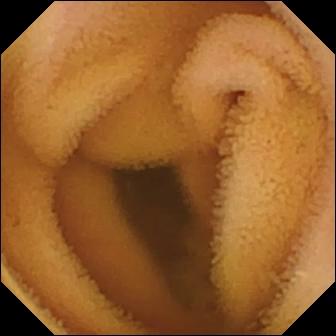- modality: video capsule endoscopy
- segment: small intestine
- label: normal clean mucosa